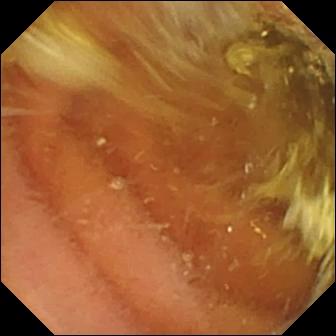- modality: capsule endoscopy
- segment: small intestine
- observation: normal clean mucosa